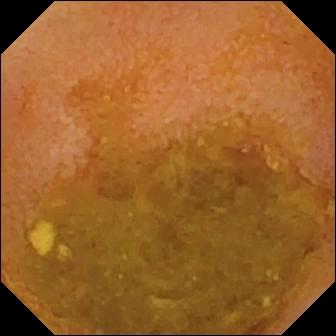Small-bowel capsule endoscopy snapshot (small intestine). Reduced mucosal view (content or bubbles obscuring the mucosa).